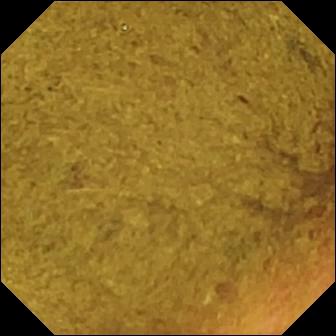WCE. Location: ileo-cecal valve region (where the capsule passes from the small bowel into the large bowel).